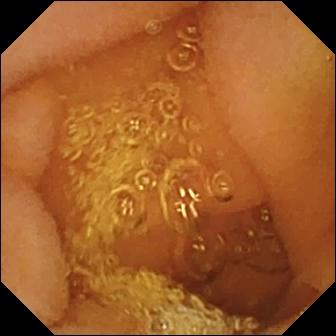PROCEDURE: VCE.
FINDINGS: Normal clean mucosa.